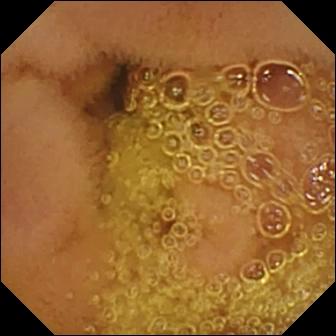Video capsule endoscopy still, small intestine
Finding: normal clean mucosa